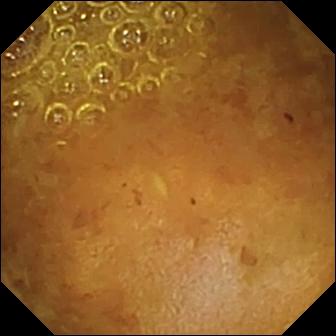Capsule endoscopy snapshot
Impression: reduced mucosal view (content or bubbles obscuring the mucosa)